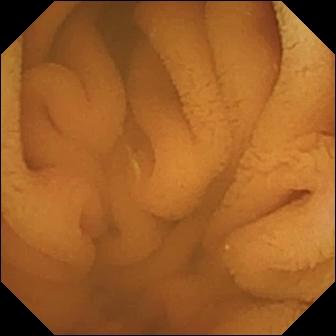WCE — normal clean mucosa.